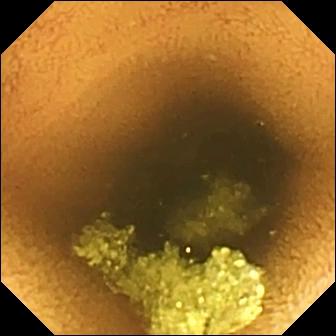PROCEDURE: Video capsule endoscopy.
FINDINGS: Normal clean mucosa.